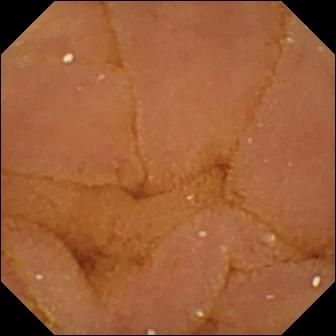Video capsule endoscopy snapshot. Normal clean mucosa.